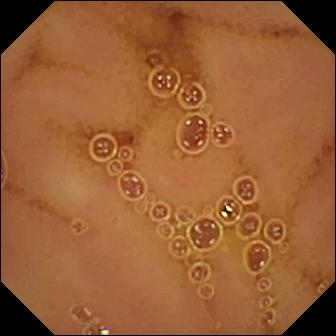Q: What does this wireless capsule endoscopy view of the small bowel show?
A: Normal clean mucosa.